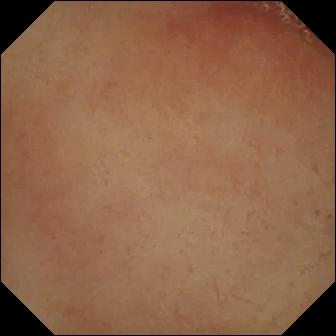modality: VCE; category: anatomical landmark; label: pylorus region